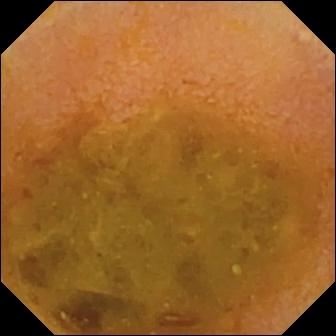- modality: small-bowel capsule endoscopy
- impression: reduced mucosal view (content or bubbles obscuring the mucosa)